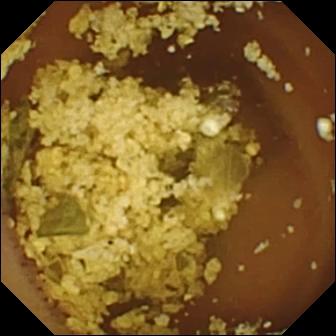Q: What does this wireless capsule endoscopy frame of the small intestine show?
A: Normal clean mucosa.